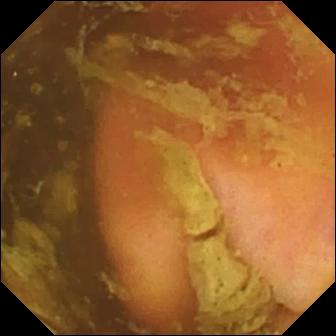{"modality": "capsule endoscopy", "label": "ileo-cecal valve region"}